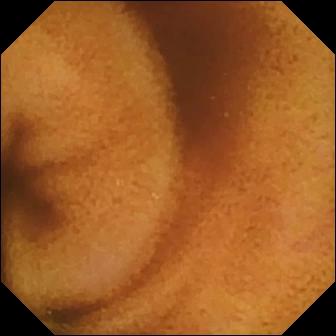Small-bowel capsule endoscopy. Observation: normal clean mucosa.